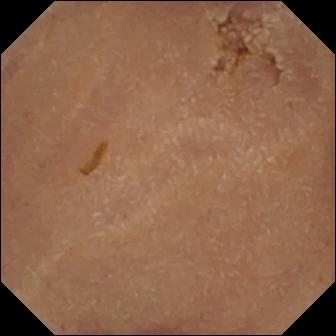PROCEDURE: WCE.
SEGMENT: Small intestine.
FINDINGS: Normal clean mucosa.